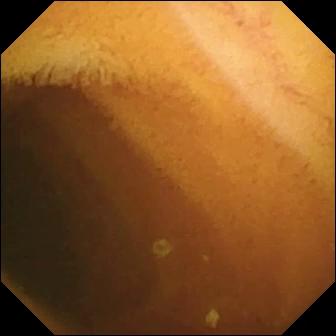Video capsule endoscopy snapshot
Observation: normal clean mucosa